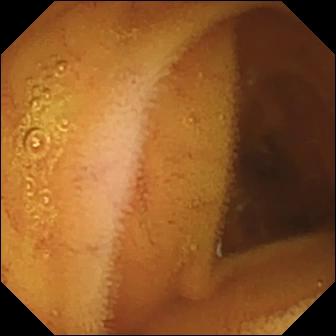Small-bowel capsule endoscopy — normal clean mucosa.